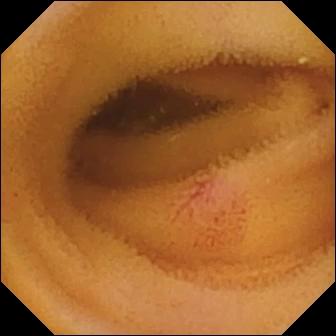- modality: wireless capsule endoscopy
- category: luminal finding
- finding: angiectasia